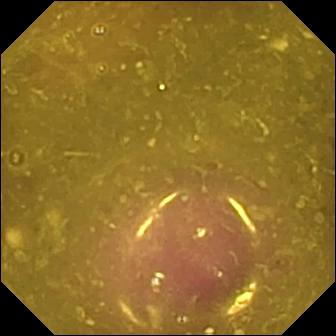WCE. Label: reduced mucosal view (content or bubbles obscuring the mucosa).